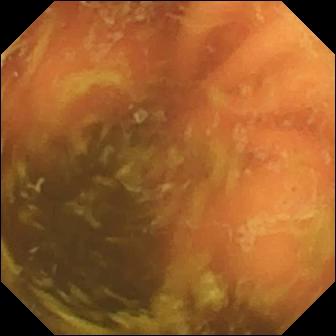Ileo-cecal valve region (the transition from the small bowel to the large bowel) — capsule endoscopy still.